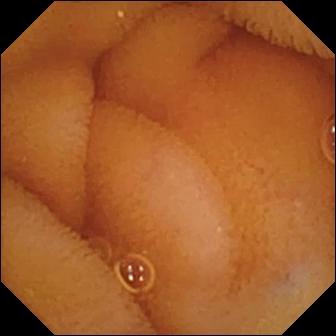Q: What does this capsule endoscopy frame of the small bowel show?
A: Normal clean mucosa.